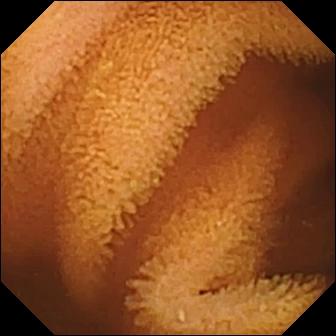Q: What does this capsule endoscopy image show?
A: Normal clean mucosa.